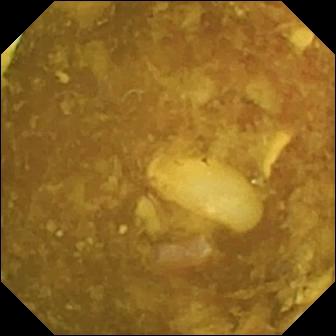Wireless capsule endoscopy image showing reduced mucosal view (content or bubbles obscuring the mucosa).